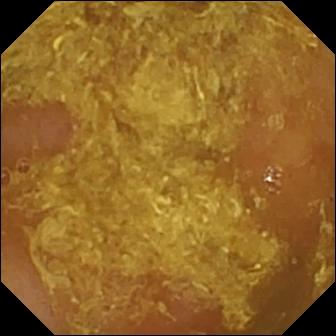VCE still, small bowel
Impression: reduced mucosal view (content or bubbles obscuring the mucosa)